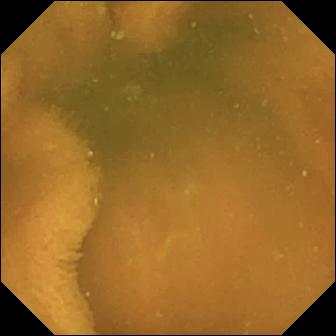modality: WCE; finding: normal clean mucosa